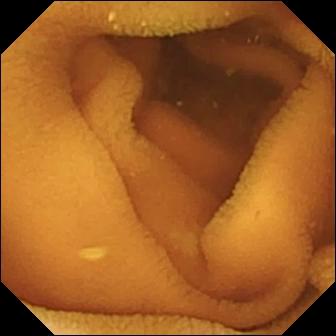Capsule endoscopy — normal clean mucosa.